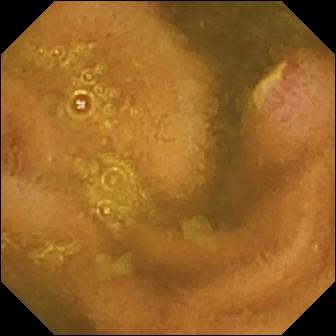Ulcer — capsule endoscopy image.